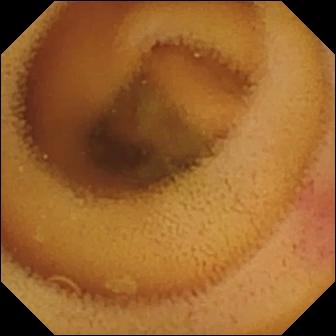Capsule endoscopy still showing angiectasia.